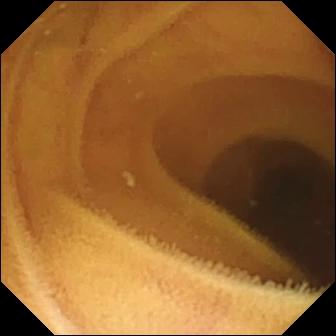WCE view
Observation: normal clean mucosa